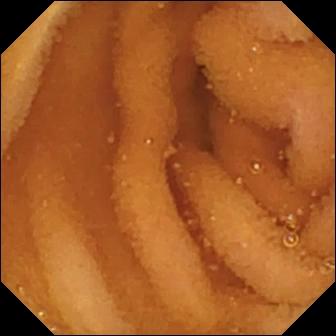Small-bowel capsule endoscopy still showing normal clean mucosa.